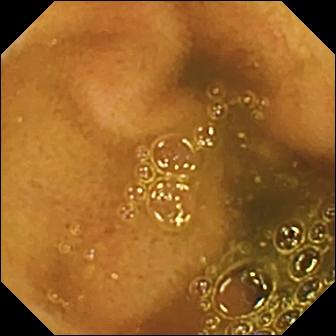Q: Where in the digestive tract was this video capsule endoscopy view taken?
A: Ileo-cecal valve region (where the capsule passes from the small bowel into the large bowel).